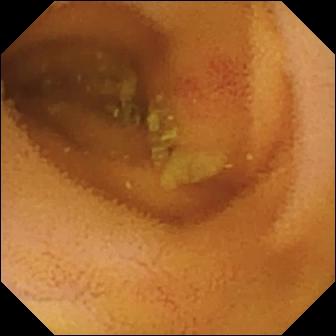VCE still. Angiectasia.